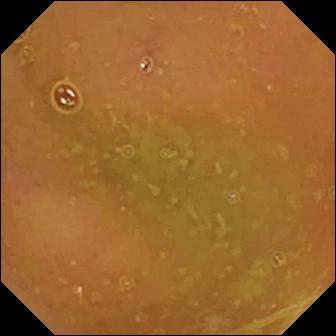Capsule endoscopy — normal clean mucosa.